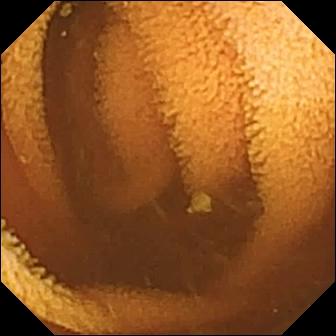This capsule endoscopy frame shows normal clean mucosa.